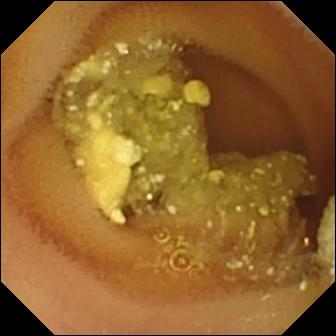Small-bowel capsule endoscopy — lymphangiectasia.